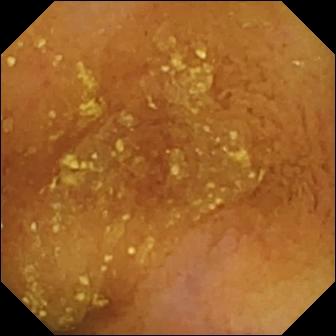Normal clean mucosa.